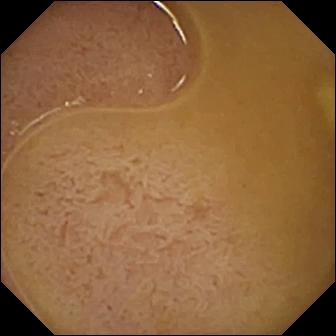Wireless capsule endoscopy. Near an anatomical landmark. Video segment: ileo-cecal valve region (the transition from the small bowel to the large bowel).